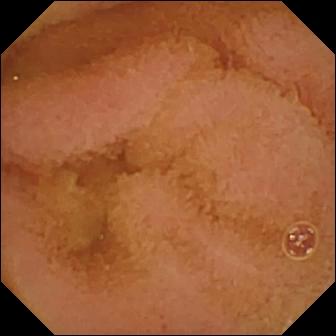This capsule endoscopy view shows normal clean mucosa.